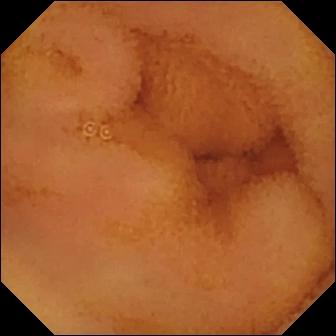Normal clean mucosa — video capsule endoscopy snapshot.